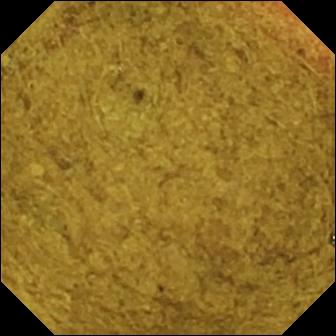Video capsule endoscopy image taken in the ileo-cecal valve region (the transition from the small bowel to the large bowel).